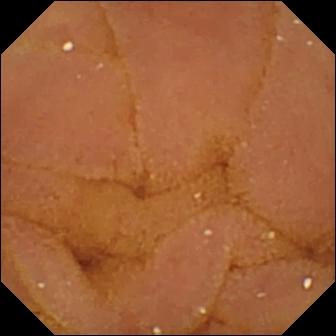VCE. Small intestine. Luminal finding. Observation: normal clean mucosa.